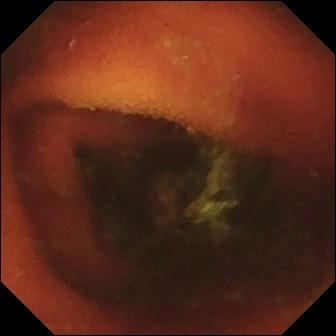Capsule endoscopy frame taken in the ileo-cecal valve region.